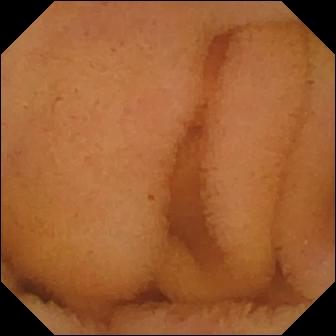{"modality": "capsule endoscopy", "finding": "normal clean mucosa"}